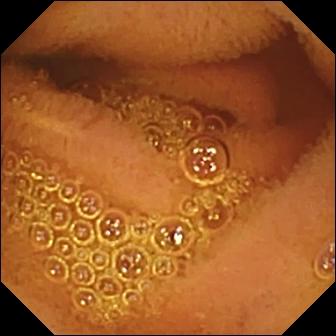This wireless capsule endoscopy frame shows normal clean mucosa.